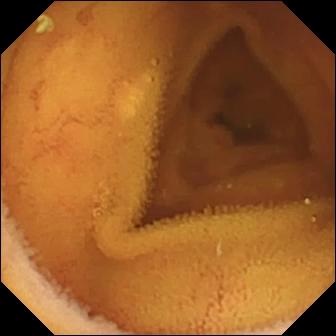Small-bowel capsule endoscopy — normal clean mucosa.